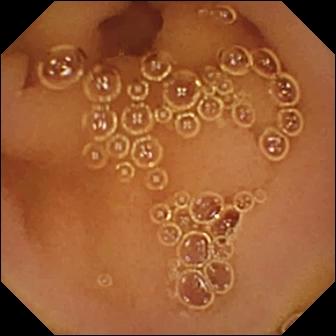Small-bowel capsule endoscopy image (small bowel), 336×336. Normal clean mucosa.